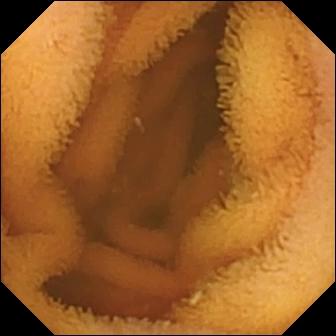- modality: small-bowel capsule endoscopy
- finding: normal clean mucosa